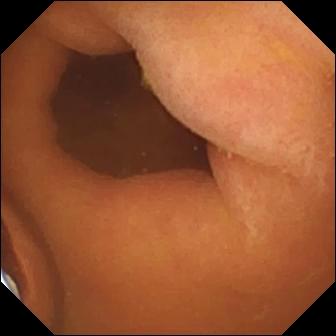Video capsule endoscopy. Finding: foreign body (e.g. retained capsule, tablet residue).